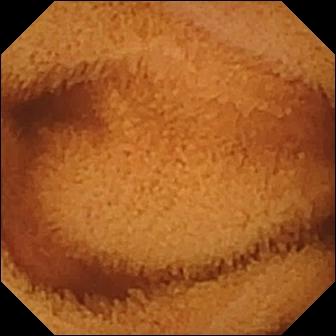VCE view showing normal clean mucosa.